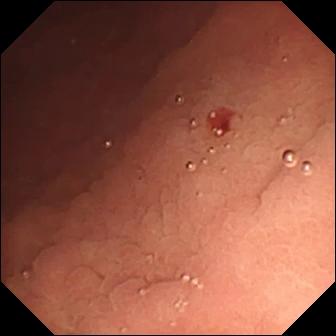Angiectasia — wireless capsule endoscopy still.